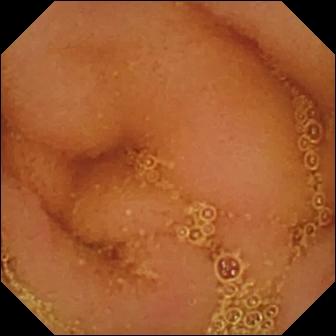This wireless capsule endoscopy frame of the small bowel shows normal clean mucosa.